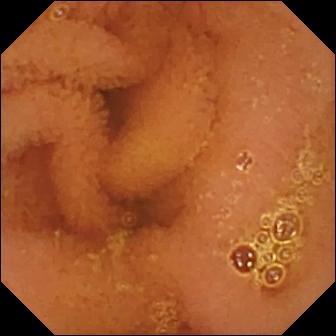This WCE frame of the small intestine shows normal clean mucosa.